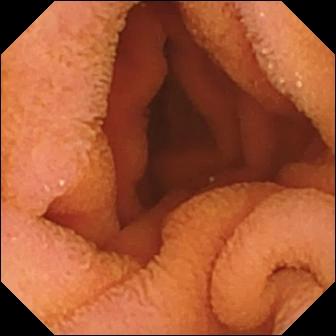PROCEDURE: Small-bowel capsule endoscopy.
FINDINGS: Normal clean mucosa.